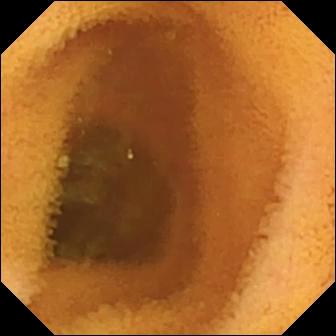VCE — normal clean mucosa.